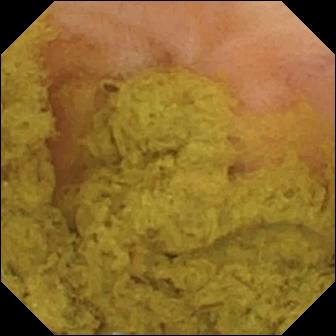Small-bowel capsule endoscopy snapshot. Taken in the ileo-cecal valve region (the transition from the small bowel to the large bowel).